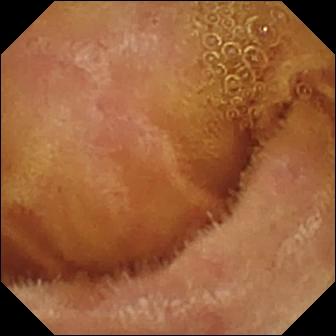Small-bowel capsule endoscopy image (small intestine). Normal clean mucosa.